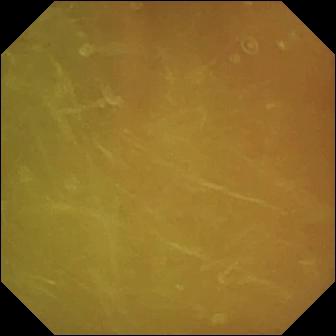modality: capsule endoscopy; segment: small intestine; finding: normal clean mucosa